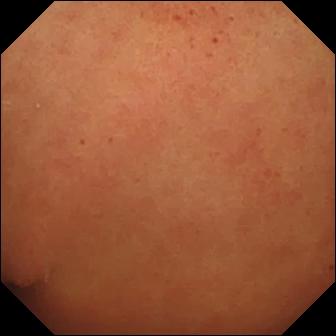- modality: WCE
- label: pylorus region (the junction between the stomach and the small bowel)